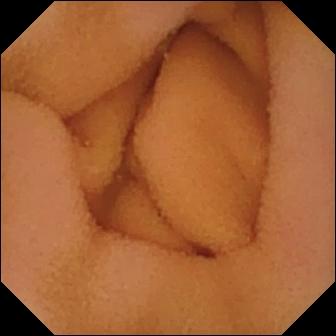Video capsule endoscopy. Impression: normal clean mucosa.